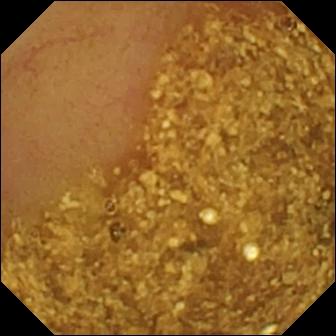Ileo-cecal valve region (where the capsule passes from the small bowel into the large bowel).